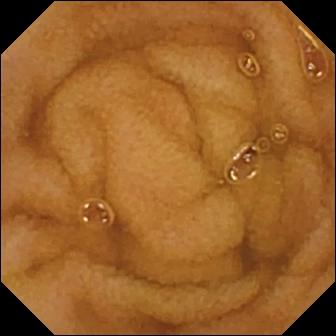WCE frame (small bowel), 336×336. Normal clean mucosa.